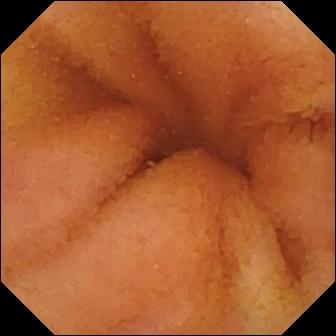PROCEDURE: Small-bowel capsule endoscopy.
SEGMENT: Small bowel.
FINDINGS: Normal clean mucosa.